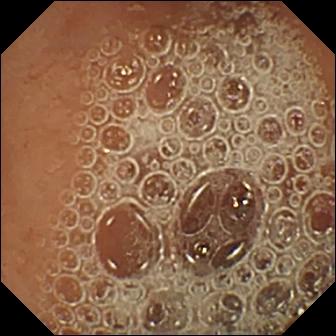- modality: video capsule endoscopy
- observation: normal clean mucosa